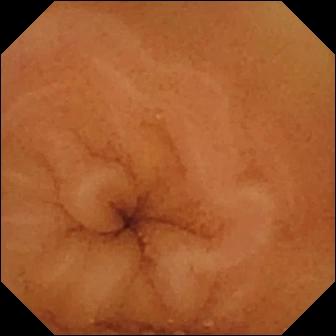VCE snapshot of the small bowel showing normal clean mucosa.